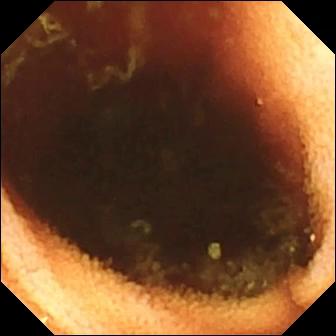- modality: WCE
- location: ileo-cecal valve region (where the capsule passes from the small bowel into the large bowel)